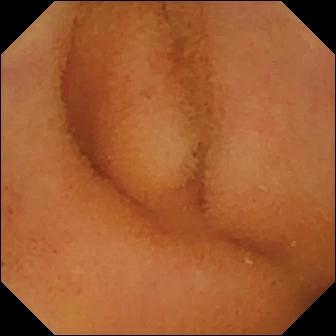Normal clean mucosa — VCE still.